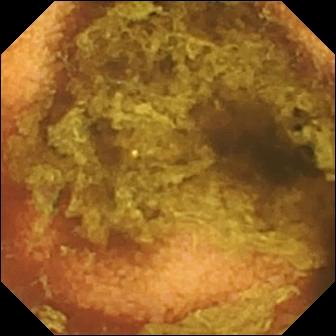Q: What does this VCE view of the small bowel show?
A: Normal clean mucosa.